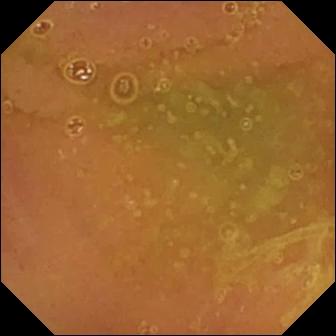VCE view (small intestine). Normal clean mucosa.